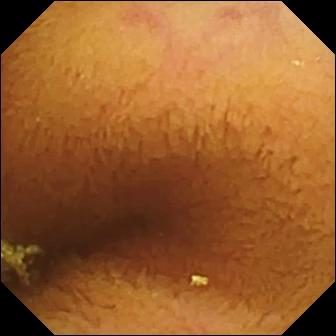{"modality": "small-bowel capsule endoscopy", "segment": "small bowel", "finding": "normal clean mucosa"}